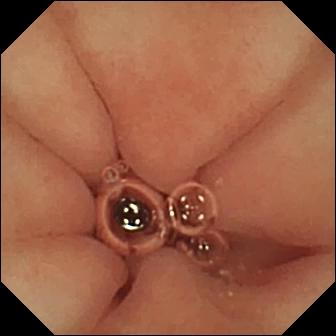- modality: VCE
- category: anatomical landmark
- location: pylorus region